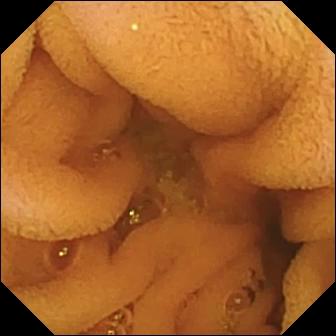modality: wireless capsule endoscopy; category: luminal finding; finding: normal clean mucosa